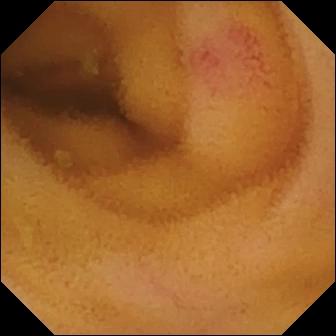VCE. Label: angiectasia.